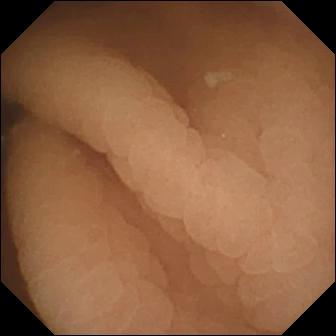PROCEDURE: Capsule endoscopy.
POSITION: Pylorus region (the junction between the stomach and the small bowel).